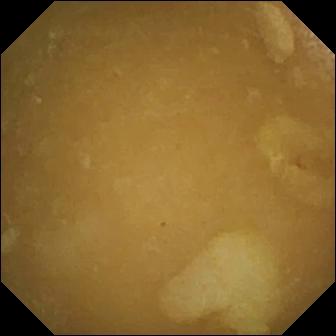Q: Where in the digestive tract was this capsule endoscopy view taken?
A: Ileo-cecal valve region (the transition from the small bowel to the large bowel).